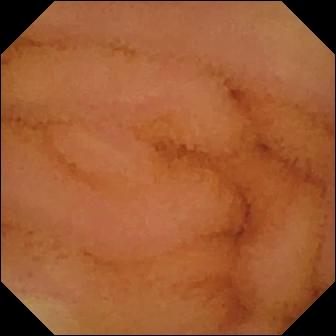VCE still (small intestine). Normal clean mucosa.